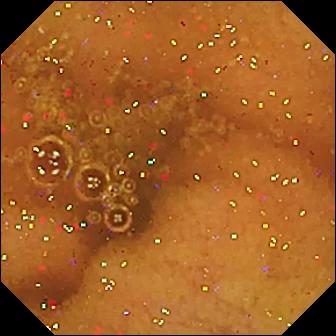- modality: video capsule endoscopy
- finding: normal clean mucosa